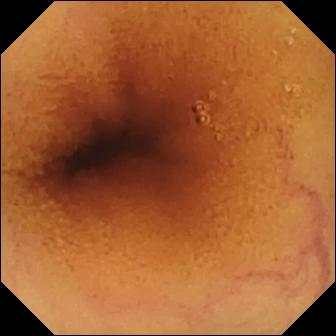WCE still
Observation: normal clean mucosa